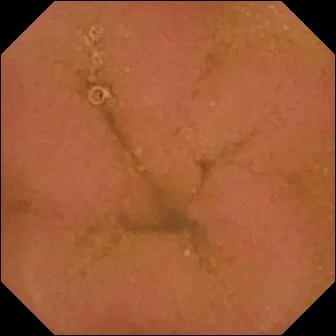PROCEDURE: Video capsule endoscopy.
SEGMENT: Small intestine.
FINDINGS: Normal clean mucosa.